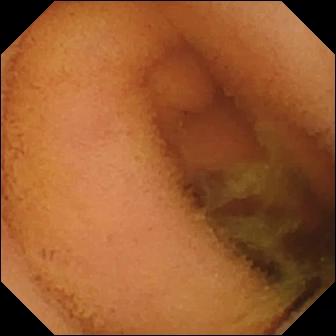Normal clean mucosa — small-bowel capsule endoscopy image of the small intestine.